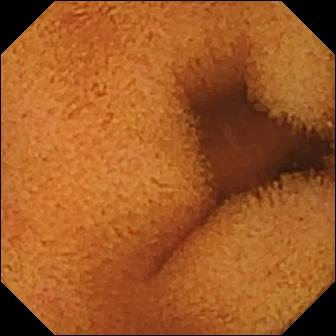VCE frame of the small intestine showing normal clean mucosa.